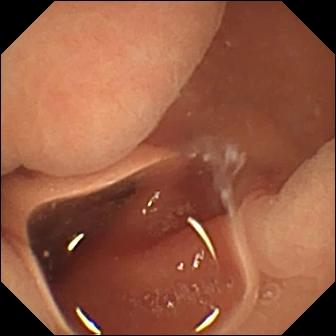PROCEDURE: Video capsule endoscopy.
FINDINGS: Normal clean mucosa.